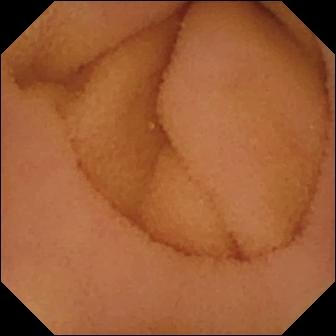Small-bowel capsule endoscopy frame, small bowel
Label: normal clean mucosa